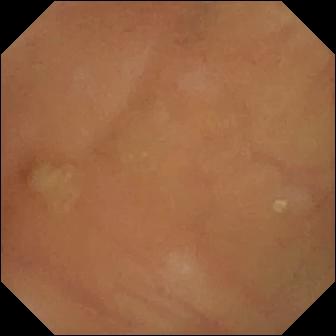PROCEDURE: VCE.
SEGMENT: Small bowel.
FINDINGS: Normal clean mucosa.